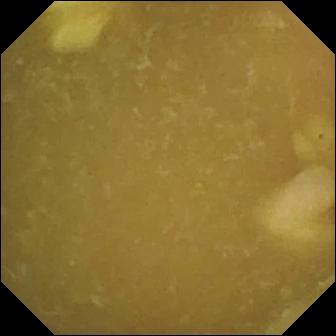Capsule endoscopy. Near an anatomical landmark. Label: ileo-cecal valve region (the transition from the small bowel to the large bowel).